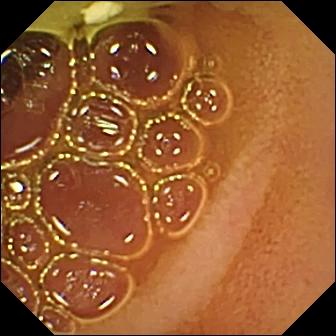PROCEDURE: VCE.
SEGMENT: Small intestine.
FINDINGS: Normal clean mucosa.